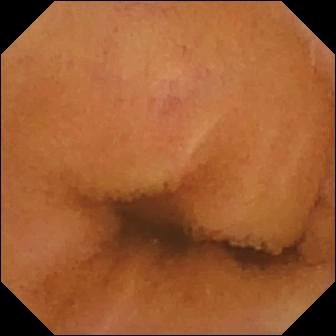Video capsule endoscopy image of the small bowel showing normal clean mucosa.